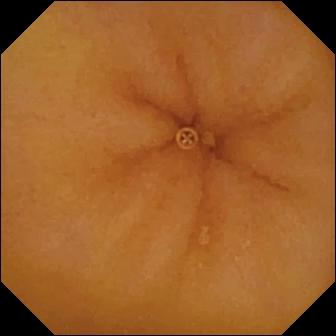WCE still
Finding: normal clean mucosa